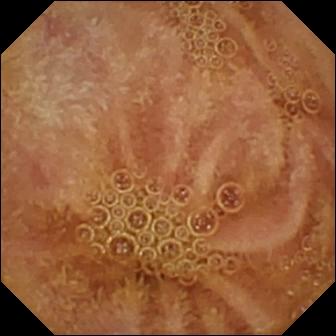Wireless capsule endoscopy view, small bowel
Label: normal clean mucosa